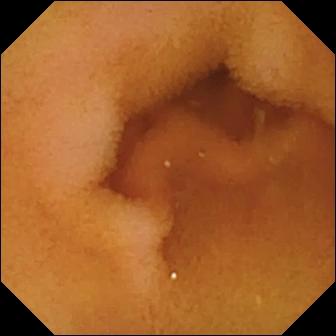Small-bowel capsule endoscopy still of the small bowel showing normal clean mucosa.